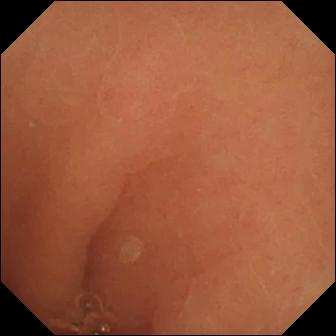This wireless capsule endoscopy frame shows normal clean mucosa.